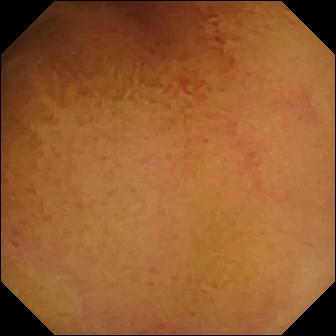{"modality": "small-bowel capsule endoscopy", "category": "luminal finding", "finding": "normal clean mucosa"}